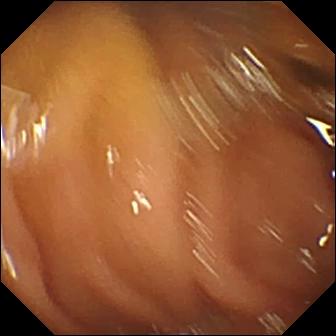Pylorus region (where the capsule passes from the stomach into the small bowel) — WCE snapshot.